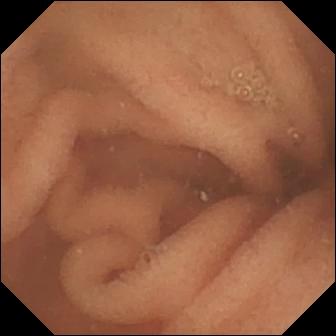Normal clean mucosa (336×336).